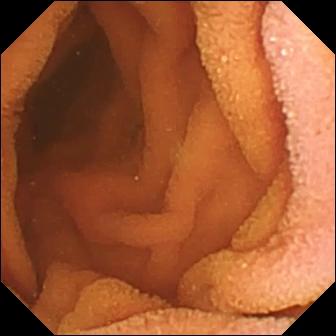Normal clean mucosa — WCE frame.